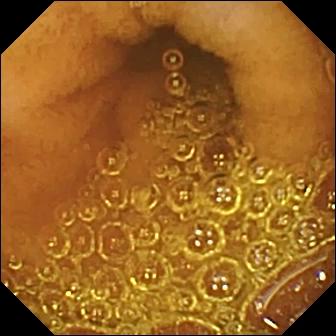Video capsule endoscopy image showing normal clean mucosa.